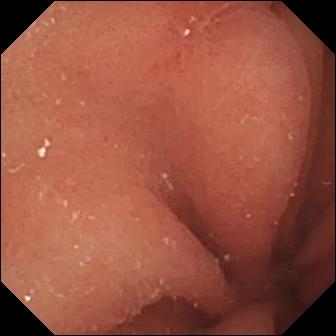Small-bowel capsule endoscopy snapshot showing erosion.